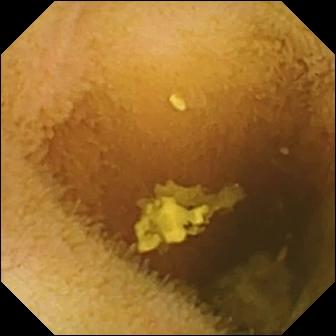This WCE still of the small bowel shows normal clean mucosa.